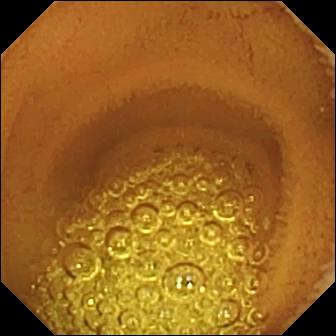Capsule endoscopy snapshot (small intestine), 336×336. Normal clean mucosa.